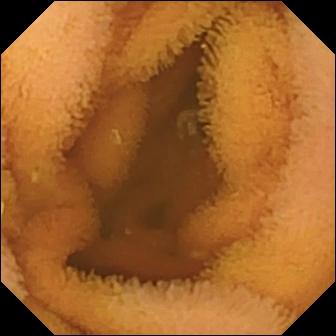This small-bowel capsule endoscopy image shows normal clean mucosa.